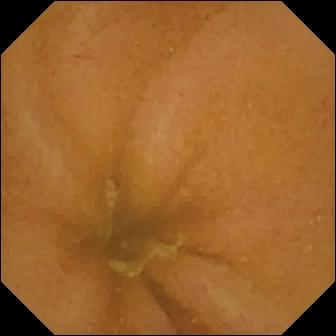WCE snapshot
Observation: normal clean mucosa